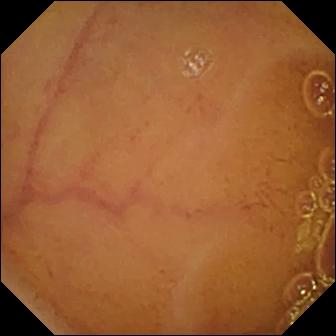modality: video capsule endoscopy
impression: normal clean mucosa